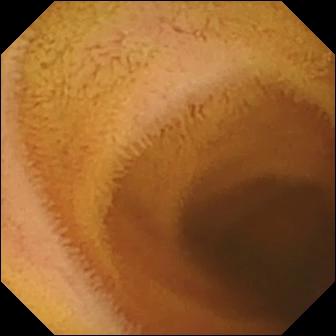Video capsule endoscopy. Finding: normal clean mucosa.